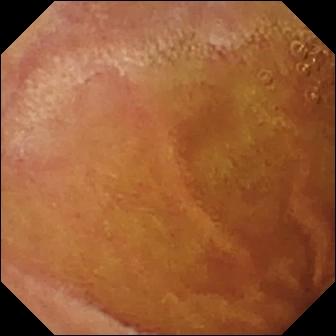Normal clean mucosa.